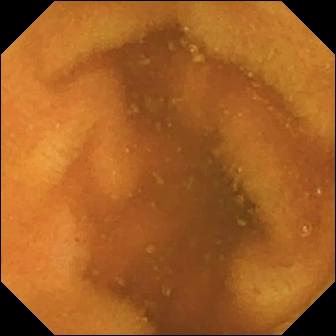Q: What does this WCE view of the small intestine show?
A: Normal clean mucosa.